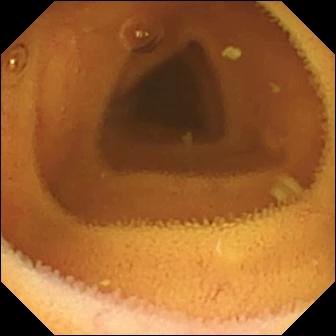VCE — normal clean mucosa.